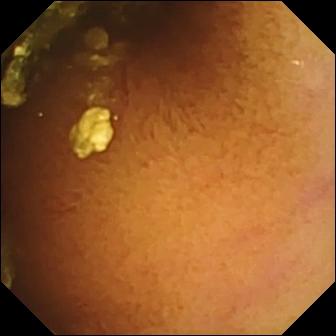Normal clean mucosa — WCE view of the small bowel.